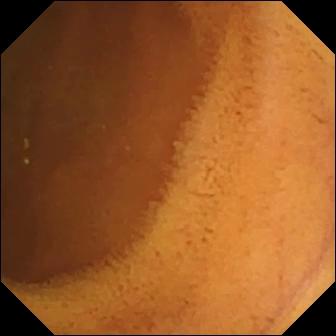This capsule endoscopy image shows normal clean mucosa.